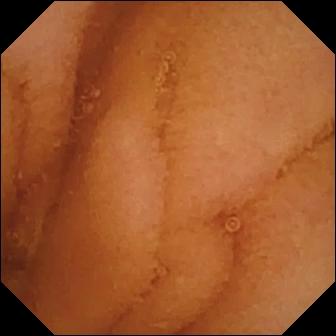modality: wireless capsule endoscopy; segment: small bowel; category: luminal finding; label: normal clean mucosa